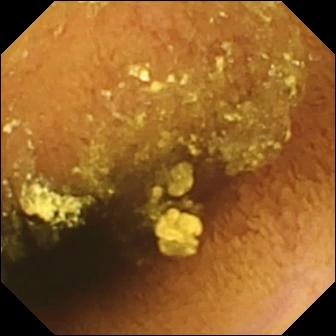Video capsule endoscopy — normal clean mucosa.